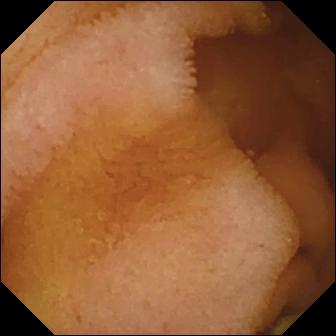PROCEDURE: Wireless capsule endoscopy.
FINDINGS: Normal clean mucosa.